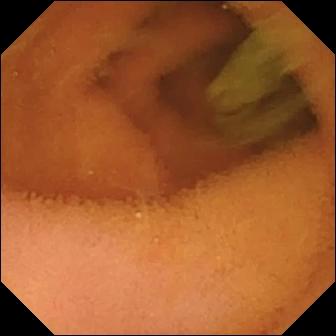modality: capsule endoscopy; segment: small intestine; observation: normal clean mucosa